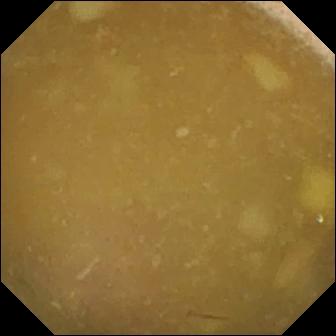Small-bowel capsule endoscopy view
Video segment: ileo-cecal valve region